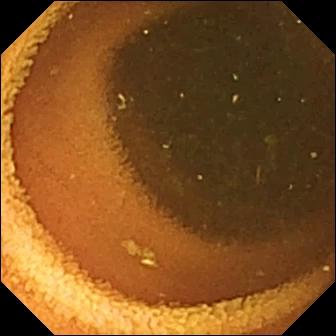Q: What does this capsule endoscopy snapshot of the small bowel show?
A: Normal clean mucosa.